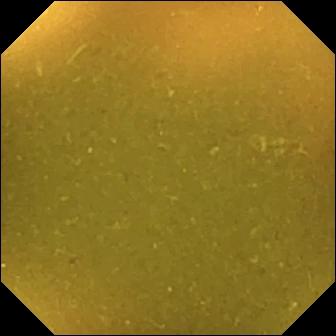Wireless capsule endoscopy view taken in the ileo-cecal valve region.